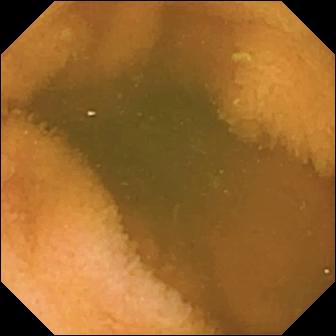- modality: small-bowel capsule endoscopy
- finding: normal clean mucosa